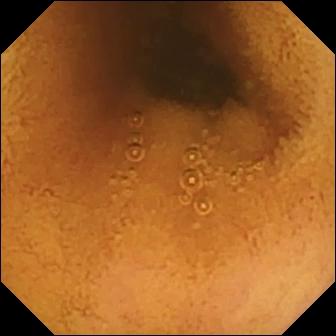This WCE view of the small intestine shows normal clean mucosa.